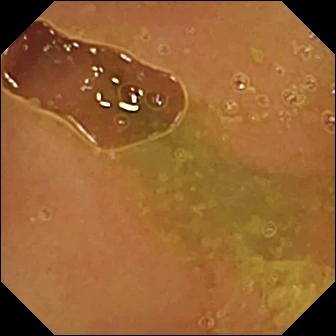WCE view showing normal clean mucosa.